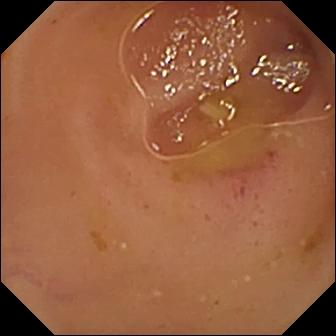modality: small-bowel capsule endoscopy
impression: erythema (mucosal redness)